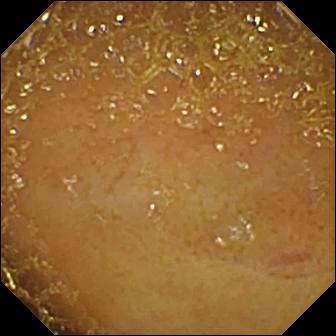Ileo-cecal valve region (the transition from the small bowel to the large bowel) — WCE image.